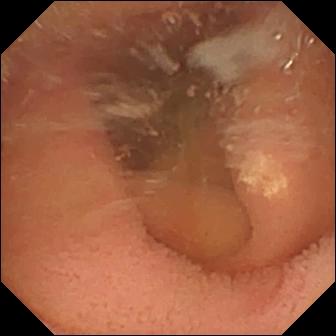Lymphangiectasia — wireless capsule endoscopy image.